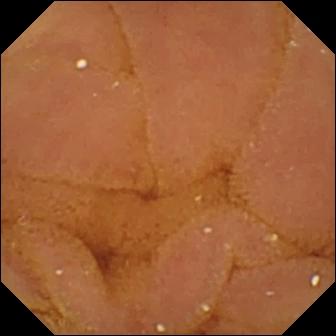Capsule endoscopy frame. Normal clean mucosa.